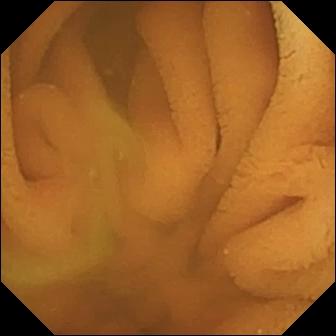{"modality": "WCE", "segment": "small intestine", "finding": "normal clean mucosa"}